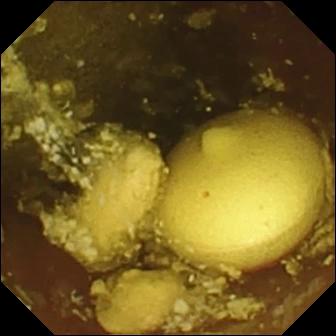Wireless capsule endoscopy frame showing foreign body (e.g. retained capsule, tablet residue).